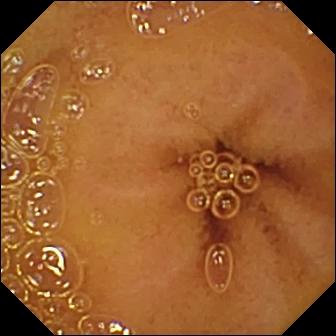Video capsule endoscopy frame showing normal clean mucosa.